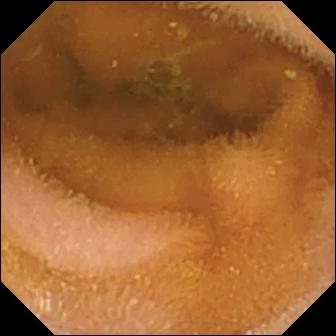Q: What does this video capsule endoscopy view show?
A: Normal clean mucosa.